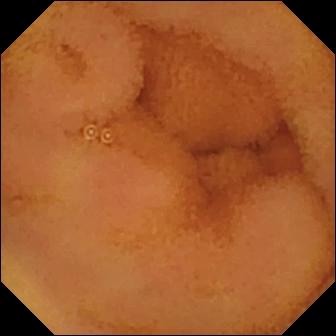Normal clean mucosa.